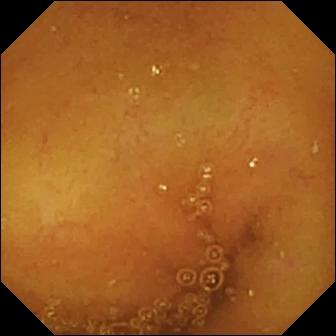Capsule endoscopy image of the small bowel showing normal clean mucosa.